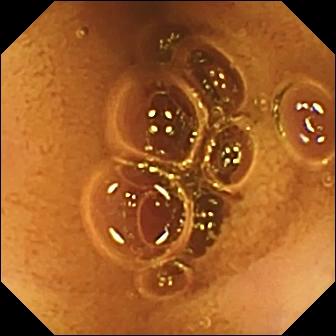{"modality": "video capsule endoscopy", "finding": "normal clean mucosa"}